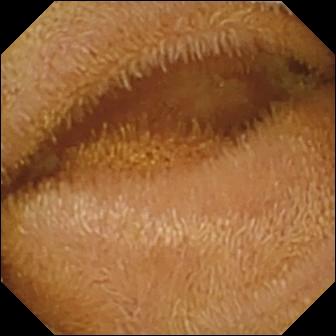- modality: video capsule endoscopy
- segment: small intestine
- category: luminal finding
- label: normal clean mucosa